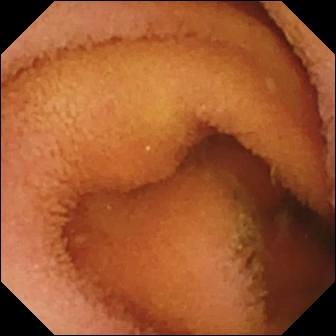Capsule endoscopy — normal clean mucosa.